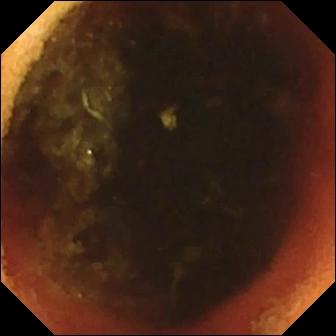Ileo-cecal valve region — WCE image.